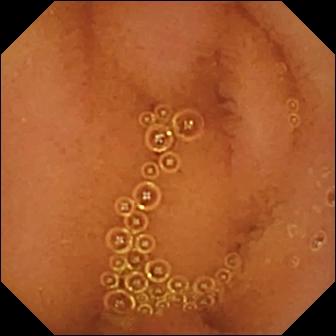Normal clean mucosa — capsule endoscopy image.